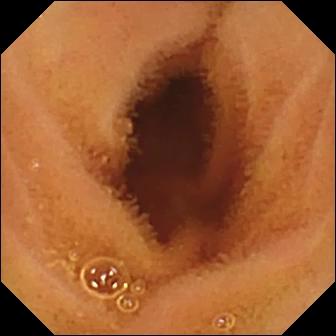WCE — normal clean mucosa.